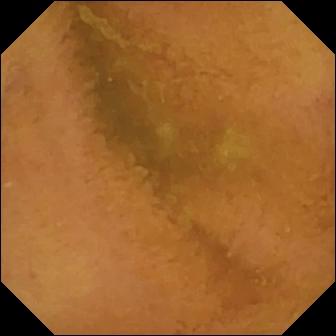- modality: VCE
- category: luminal finding
- label: normal clean mucosa